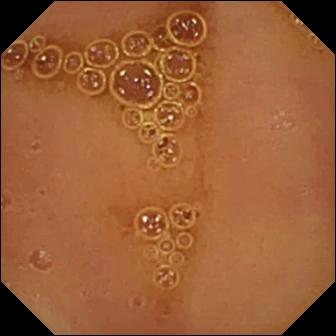This WCE still of the small bowel shows normal clean mucosa.